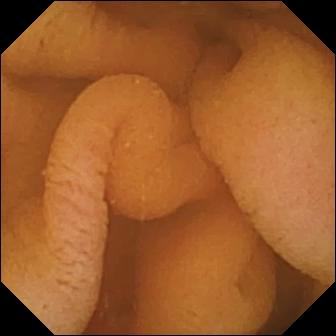Video capsule endoscopy — normal clean mucosa.